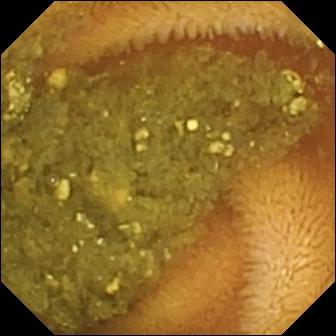This capsule endoscopy snapshot of the small bowel shows reduced mucosal view (content or bubbles obscuring the mucosa).